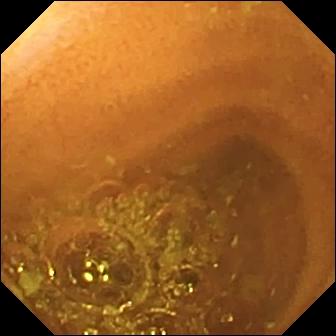PROCEDURE: Capsule endoscopy.
SEGMENT: Small bowel.
FINDINGS: Normal clean mucosa.